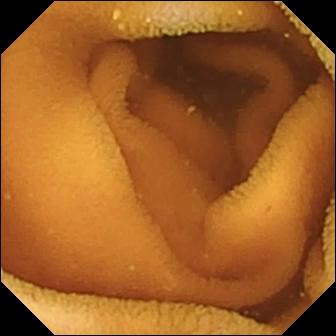Video capsule endoscopy image showing normal clean mucosa.